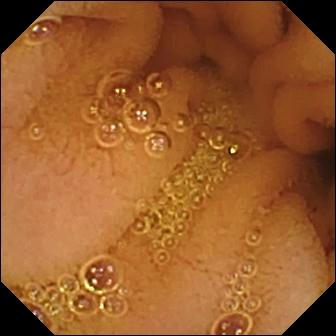Normal clean mucosa (336×336).